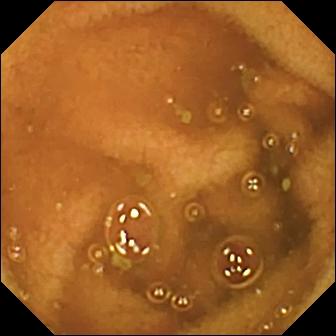Normal clean mucosa — WCE snapshot of the small intestine.